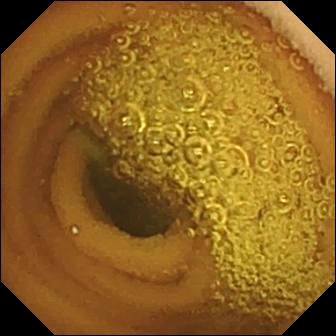{"modality": "VCE", "category": "luminal finding", "finding": "normal clean mucosa"}